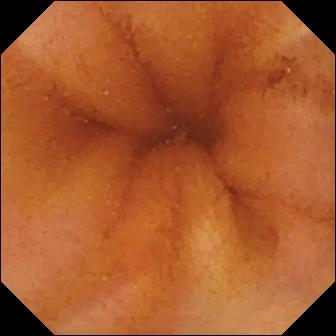- modality: VCE
- category: luminal finding
- label: normal clean mucosa